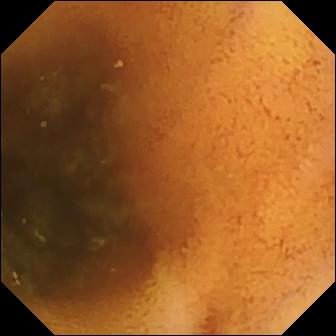{"modality": "WCE", "segment": "small bowel", "finding": "normal clean mucosa"}